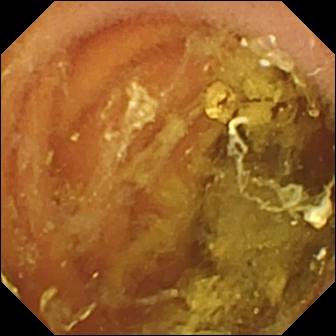Normal clean mucosa — capsule endoscopy still.